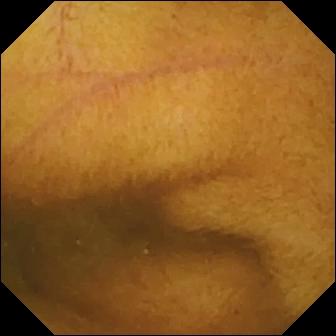Q: What does this wireless capsule endoscopy still of the small bowel show?
A: Normal clean mucosa.